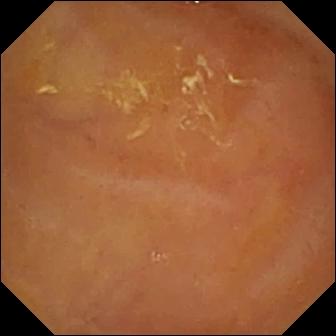modality: capsule endoscopy | segment: small bowel | category: luminal finding | observation: reduced mucosal view (content or bubbles obscuring the mucosa)